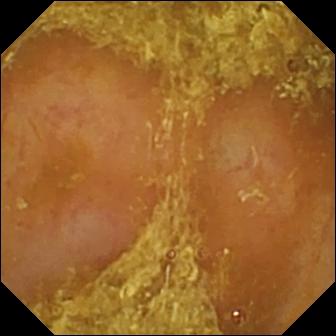WCE snapshot
Impression: reduced mucosal view (content or bubbles obscuring the mucosa)